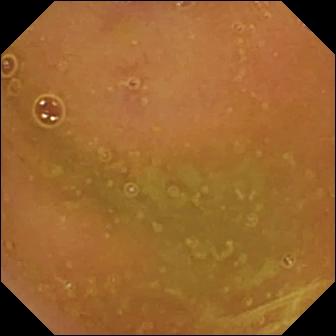Video capsule endoscopy. Label: normal clean mucosa.